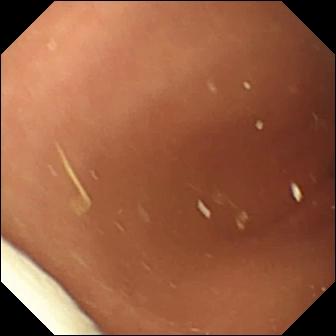modality: wireless capsule endoscopy
label: foreign body (e.g. retained capsule, tablet residue)